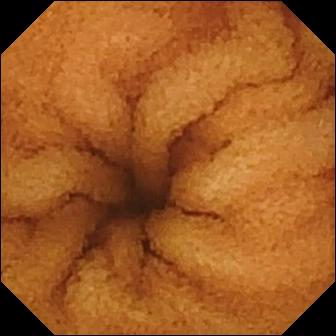{"modality": "small-bowel capsule endoscopy", "category": "luminal finding", "finding": "normal clean mucosa"}